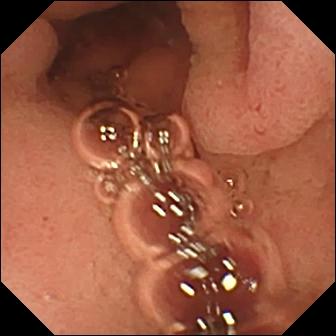modality: small-bowel capsule endoscopy; category: anatomical landmark; location: pylorus region (the junction between the stomach and the small bowel)